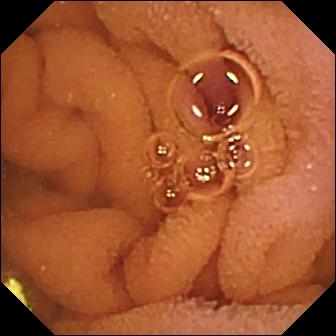modality: small-bowel capsule endoscopy
segment: small intestine
finding: normal clean mucosa